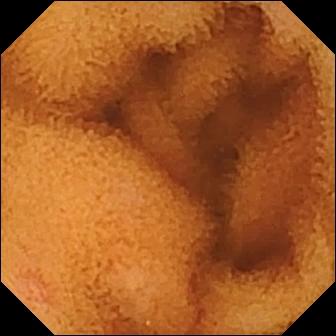Q: What does this VCE snapshot show?
A: Normal clean mucosa.